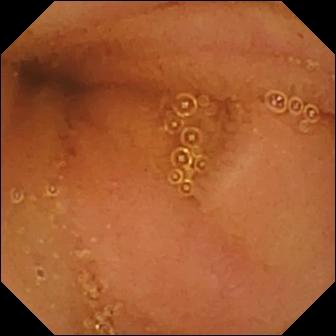modality: capsule endoscopy
finding: normal clean mucosa